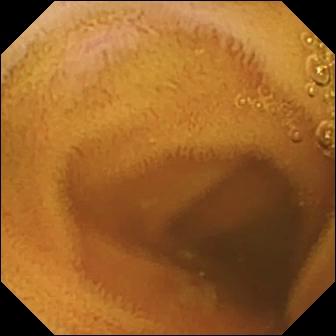Normal clean mucosa.